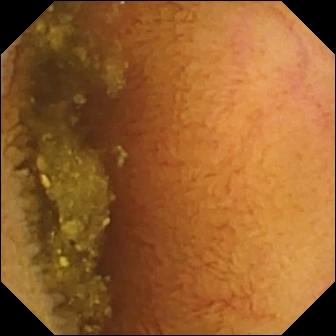Q: What does this small-bowel capsule endoscopy frame of the small intestine show?
A: Normal clean mucosa.